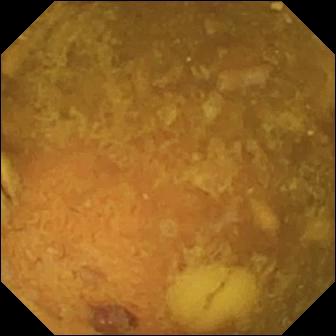VCE frame, 336×336. Reduced mucosal view (content or bubbles obscuring the mucosa).